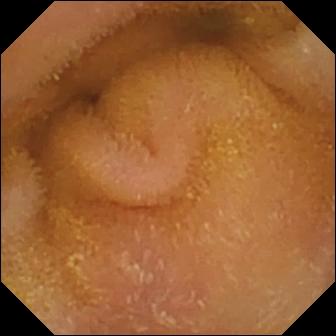This wireless capsule endoscopy still of the small bowel shows normal clean mucosa.